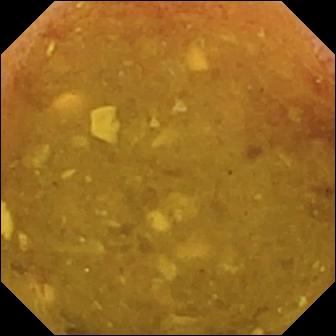Capsule endoscopy. Small intestine. Impression: reduced mucosal view (content or bubbles obscuring the mucosa).